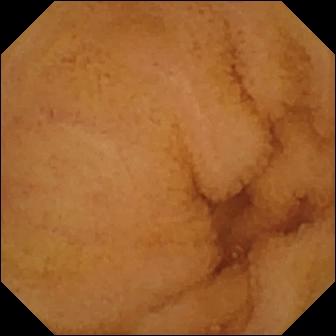Normal clean mucosa — VCE image.